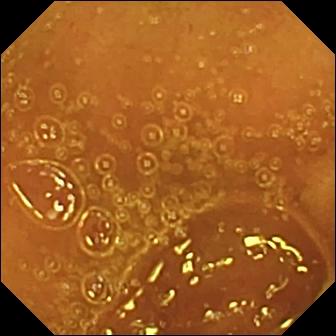This WCE view of the small bowel shows normal clean mucosa.